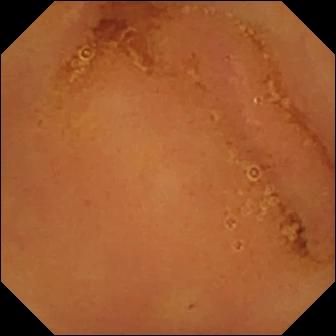Normal clean mucosa.